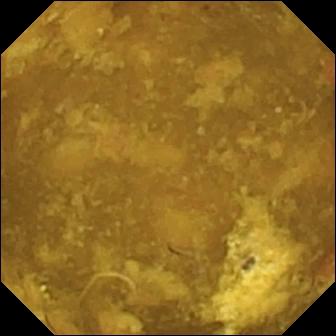VCE frame (small intestine), 336×336. Reduced mucosal view (content or bubbles obscuring the mucosa).